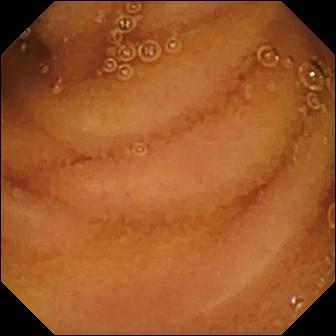modality: small-bowel capsule endoscopy; segment: small intestine; observation: normal clean mucosa